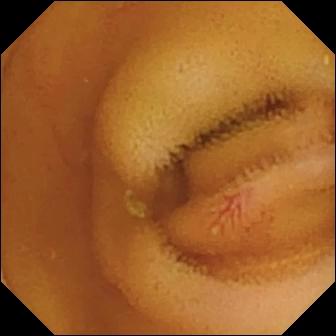WCE. Luminal finding. Impression: angiectasia.